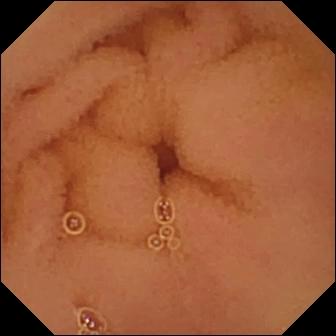Video capsule endoscopy. Finding: normal clean mucosa.